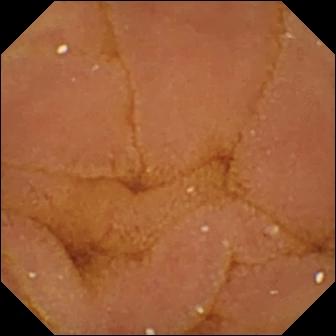PROCEDURE: Small-bowel capsule endoscopy.
FINDINGS: Normal clean mucosa.